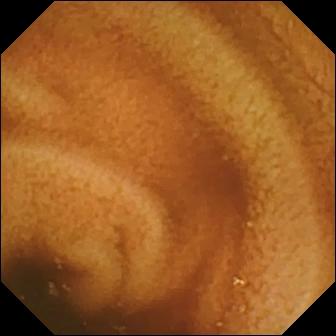Small-bowel capsule endoscopy image of the small bowel showing normal clean mucosa.